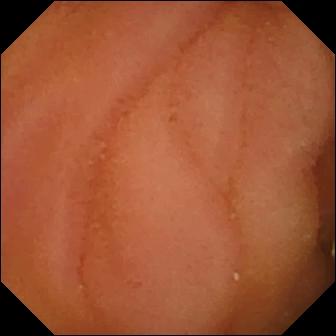WCE image
Finding: normal clean mucosa